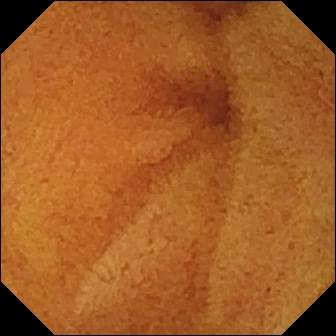{"modality": "WCE", "segment": "small bowel", "finding": "normal clean mucosa"}